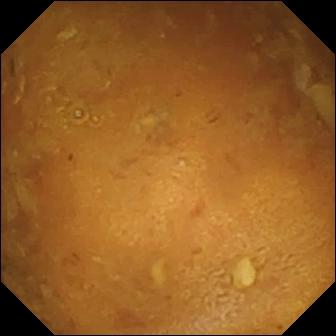Capsule endoscopy snapshot, 336×336. Reduced mucosal view (content or bubbles obscuring the mucosa).